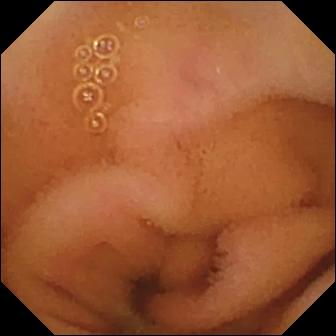Wireless capsule endoscopy. Luminal finding. Impression: normal clean mucosa.